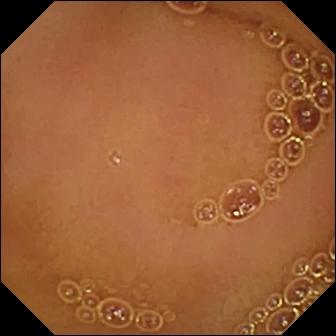Q: What does this wireless capsule endoscopy frame of the small bowel show?
A: Normal clean mucosa.